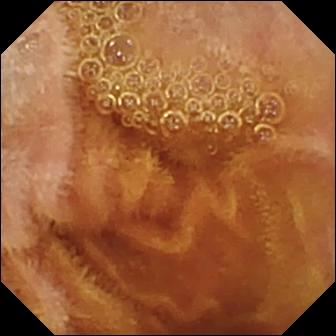Normal clean mucosa — capsule endoscopy view of the small bowel.